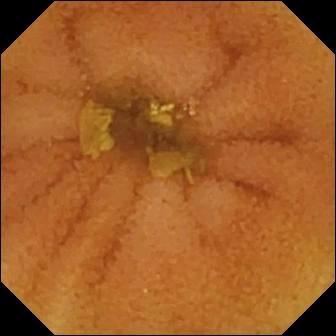Wireless capsule endoscopy snapshot, small bowel
Observation: normal clean mucosa